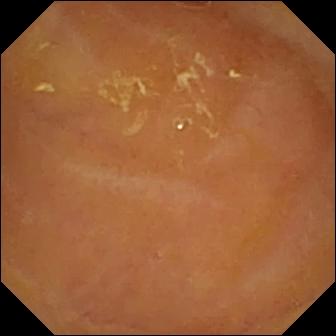{"modality": "small-bowel capsule endoscopy", "finding": "reduced mucosal view (content or bubbles obscuring the mucosa)"}